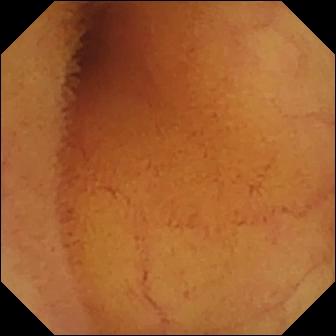Normal clean mucosa.